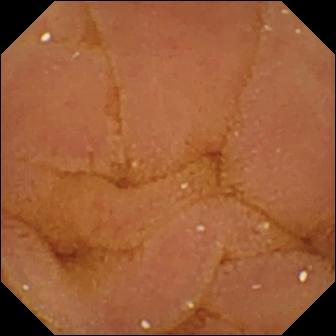Small-bowel capsule endoscopy still showing normal clean mucosa.